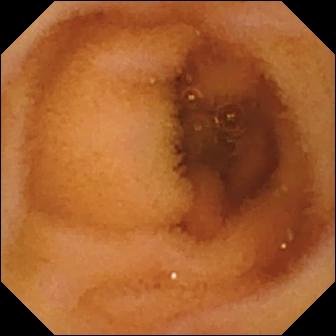This video capsule endoscopy snapshot of the small intestine shows normal clean mucosa.